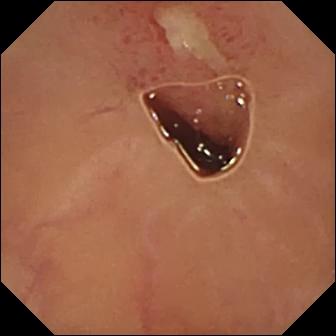modality: capsule endoscopy | label: ulcer